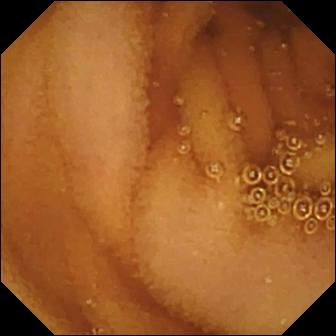modality: VCE | segment: small bowel | category: luminal finding | observation: normal clean mucosa